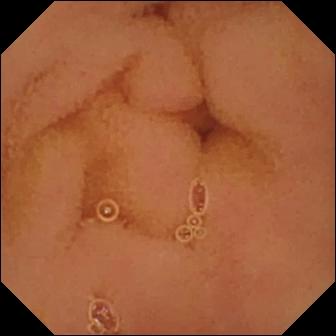{"modality": "capsule endoscopy", "segment": "small intestine", "category": "luminal finding", "finding": "normal clean mucosa"}